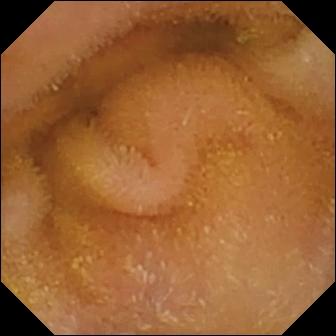This capsule endoscopy frame of the small intestine shows normal clean mucosa.